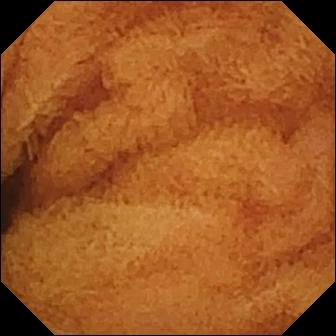Video capsule endoscopy. Small bowel. Label: normal clean mucosa.